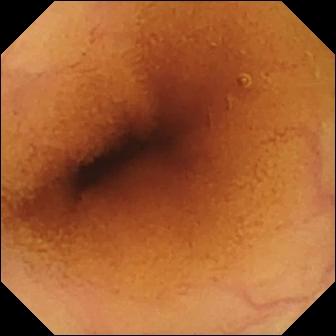Q: What does this small-bowel capsule endoscopy still show?
A: Normal clean mucosa.